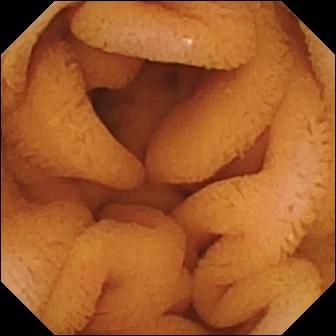PROCEDURE: VCE.
SEGMENT: Small bowel.
FINDINGS: Normal clean mucosa.